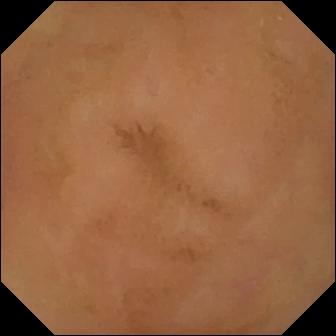WCE view showing normal clean mucosa.